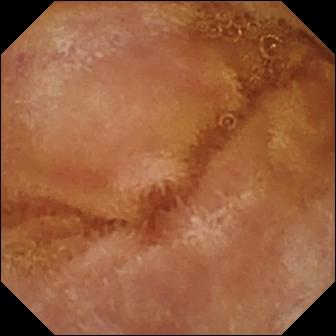Video capsule endoscopy snapshot (small bowel), 336×336. Normal clean mucosa.